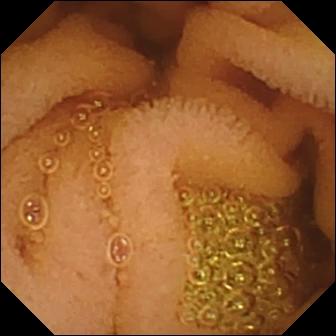Small-bowel capsule endoscopy image, 336×336. Normal clean mucosa.